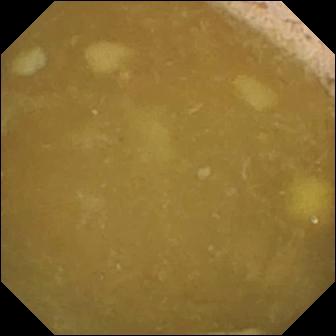Video capsule endoscopy — ileo-cecal valve region (where the capsule passes from the small bowel into the large bowel).